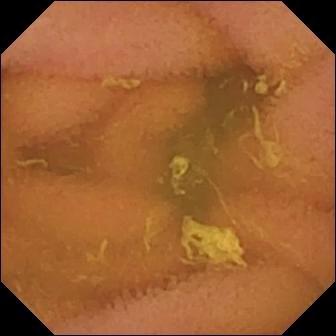- modality: video capsule endoscopy
- segment: small bowel
- category: luminal finding
- finding: normal clean mucosa